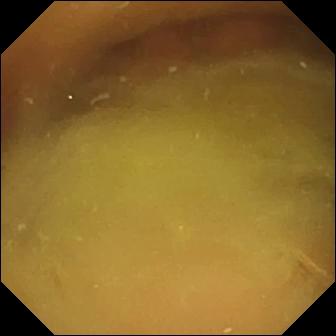This capsule endoscopy still of the small bowel shows normal clean mucosa.